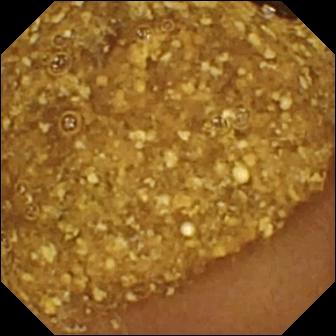This capsule endoscopy image shows reduced mucosal view (content or bubbles obscuring the mucosa).